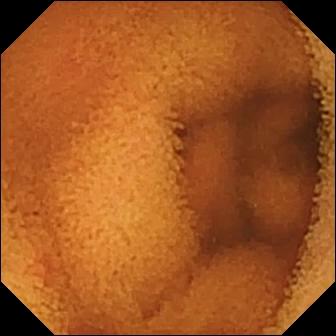Normal clean mucosa.